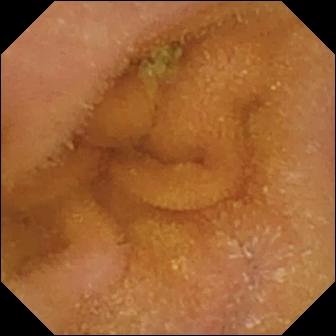Capsule endoscopy. Luminal finding. Finding: normal clean mucosa.